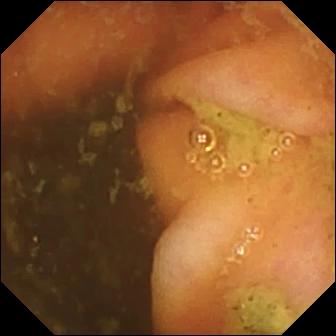{"modality": "WCE", "position": "ileo-cecal valve region (where the capsule passes from the small bowel into the large bowel)"}